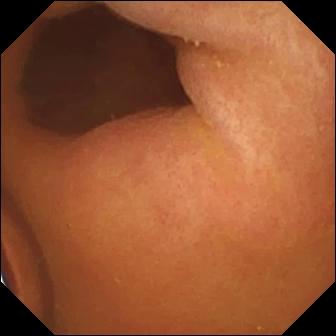WCE — foreign body (e.g. retained capsule, tablet residue).